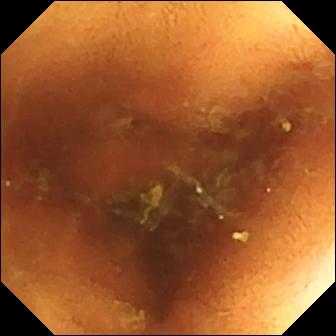modality: small-bowel capsule endoscopy
category: luminal finding
label: normal clean mucosa